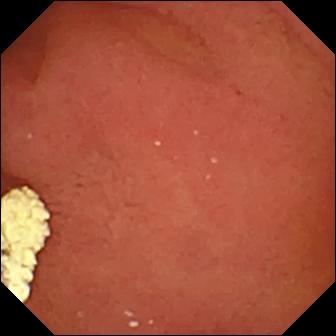Q: Where in the digestive tract was this capsule endoscopy still taken?
A: Pylorus region.